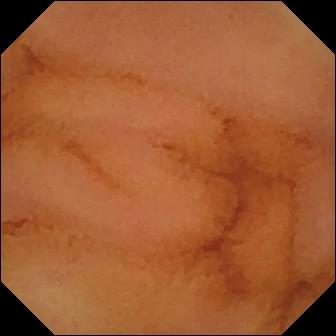Normal clean mucosa — video capsule endoscopy view of the small intestine.